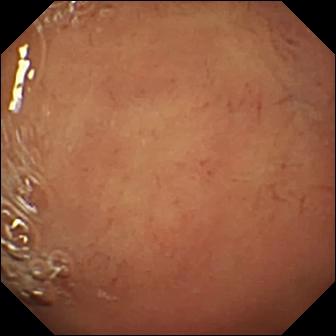Capsule endoscopy — pylorus region.